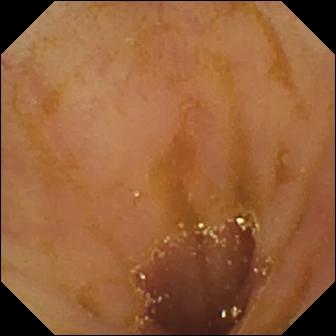This VCE still was taken in the ileo-cecal valve region (the transition from the small bowel to the large bowel).